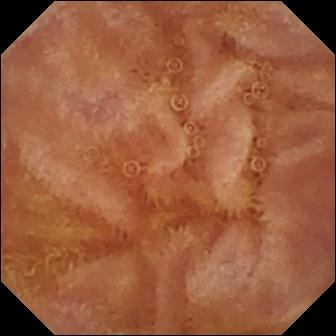PROCEDURE: Wireless capsule endoscopy.
SEGMENT: Small bowel.
FINDINGS: Normal clean mucosa.